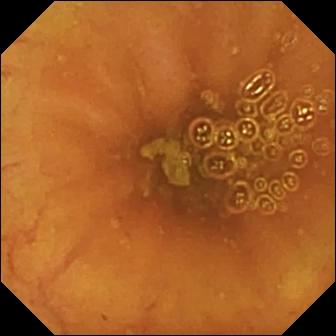WCE snapshot. Taken in the ileo-cecal valve region (the transition from the small bowel to the large bowel).